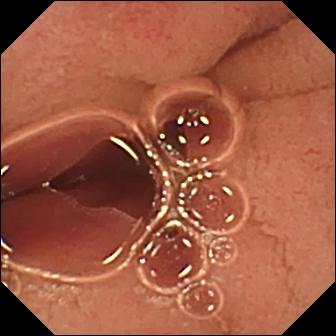Pylorus region (the junction between the stomach and the small bowel) — VCE image.